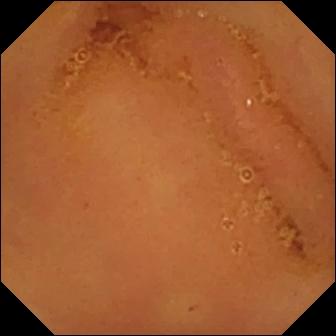Video capsule endoscopy still (small intestine). Normal clean mucosa.